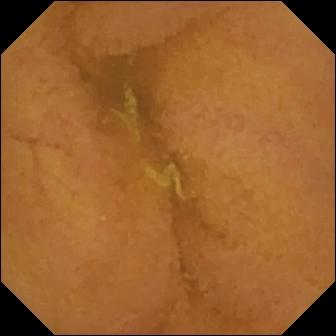{"modality": "small-bowel capsule endoscopy", "segment": "small intestine", "finding": "normal clean mucosa"}